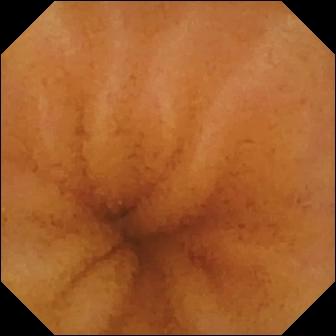Normal clean mucosa.